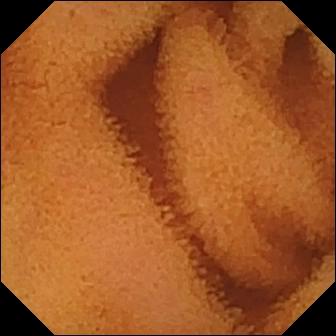WCE view of the small bowel showing normal clean mucosa.